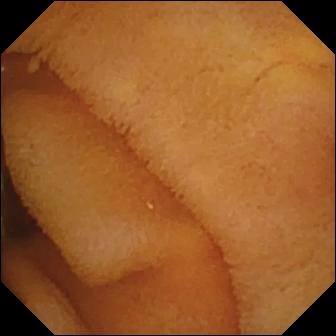modality: capsule endoscopy
segment: small bowel
observation: normal clean mucosa